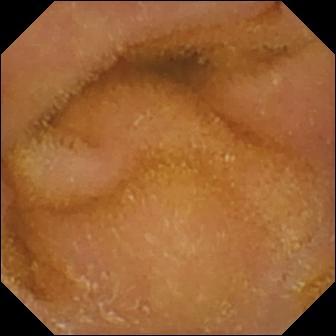Q: What does this WCE frame show?
A: Normal clean mucosa.